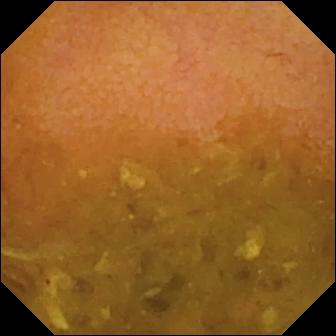PROCEDURE: Video capsule endoscopy.
SEGMENT: Small bowel.
FINDINGS: Reduced mucosal view (content or bubbles obscuring the mucosa).